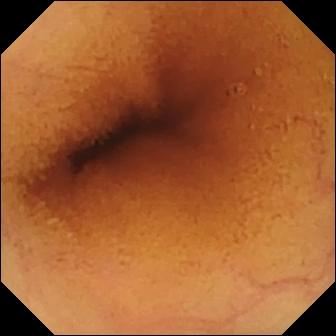modality: small-bowel capsule endoscopy; segment: small intestine; label: normal clean mucosa